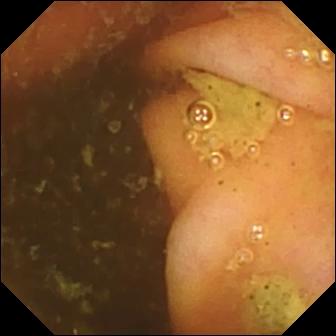This wireless capsule endoscopy view was taken in the ileo-cecal valve region.